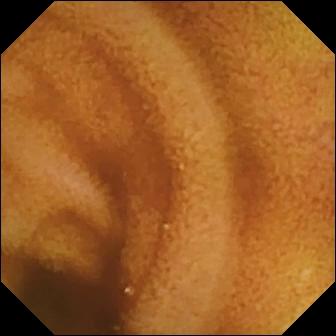PROCEDURE: Small-bowel capsule endoscopy.
FINDINGS: Normal clean mucosa.